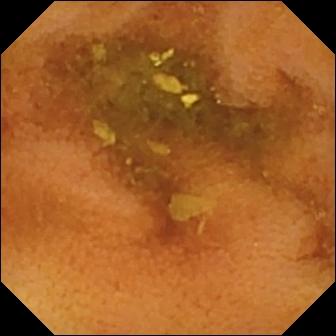Normal clean mucosa — wireless capsule endoscopy view.